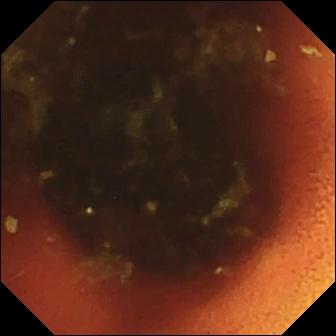Wireless capsule endoscopy view. Taken in the ileo-cecal valve region (where the capsule passes from the small bowel into the large bowel).